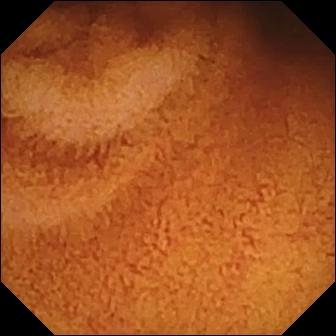Video capsule endoscopy — normal clean mucosa.